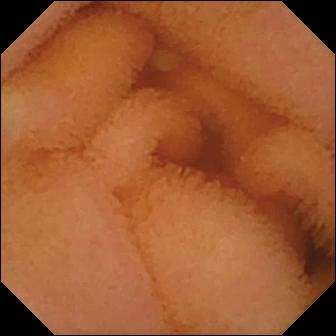Wireless capsule endoscopy snapshot of the small intestine showing normal clean mucosa.